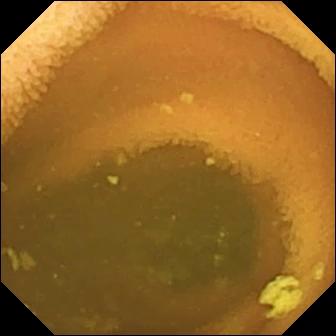Q: What does this video capsule endoscopy image of the small bowel show?
A: Normal clean mucosa.